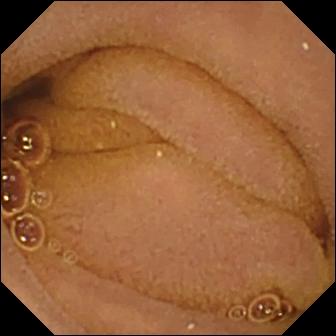{"modality": "VCE", "segment": "small bowel", "finding": "normal clean mucosa"}